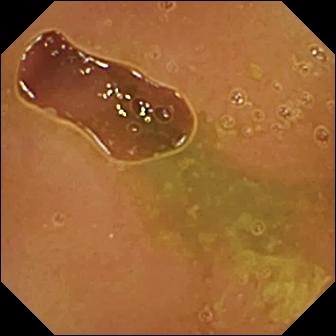Capsule endoscopy — normal clean mucosa.